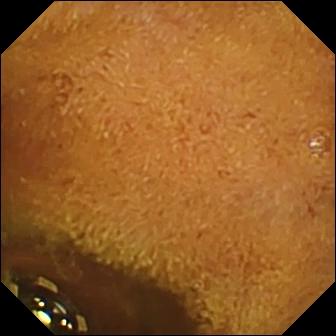- modality: wireless capsule endoscopy
- category: luminal finding
- impression: foreign body (e.g. retained capsule, tablet residue)